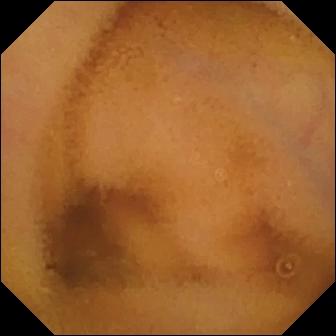Q: What does this small-bowel capsule endoscopy image of the small intestine show?
A: Normal clean mucosa.